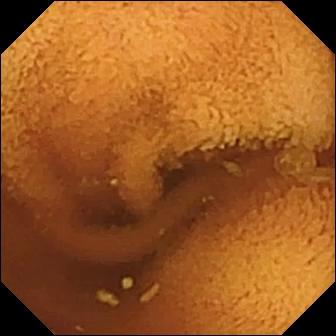Video capsule endoscopy image. Normal clean mucosa.